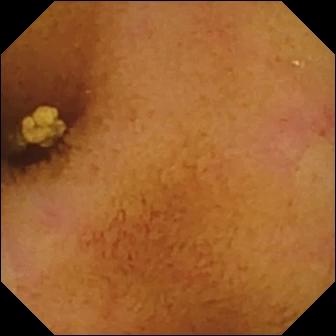Q: What does this video capsule endoscopy view of the small intestine show?
A: Normal clean mucosa.